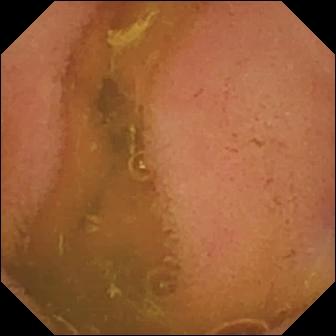Capsule endoscopy still, small intestine
Finding: normal clean mucosa